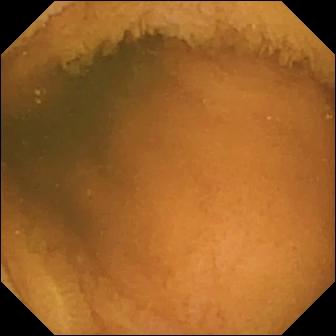Normal clean mucosa — VCE still of the small bowel.